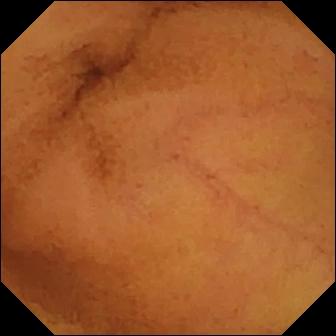Video capsule endoscopy image of the small bowel showing normal clean mucosa.